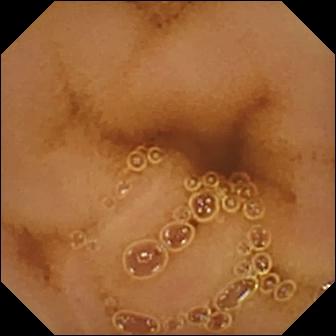Wireless capsule endoscopy image. Normal clean mucosa.